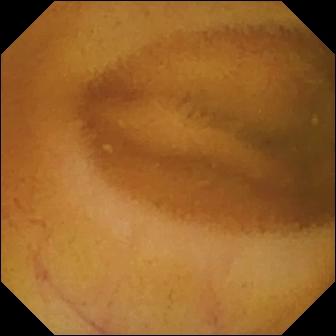- modality: wireless capsule endoscopy
- segment: small intestine
- impression: normal clean mucosa